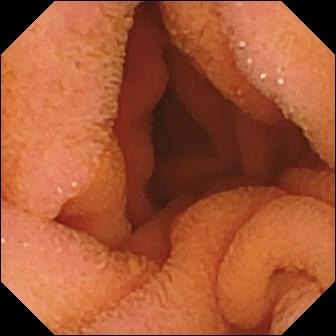- modality: capsule endoscopy
- segment: small intestine
- category: luminal finding
- label: normal clean mucosa